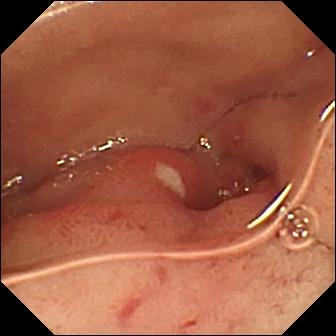Ulcer.